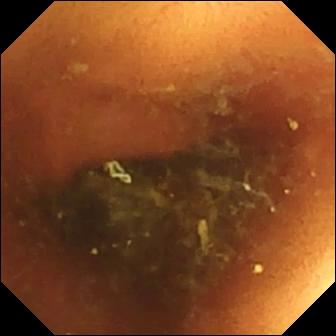modality: capsule endoscopy | segment: small bowel | category: luminal finding | finding: normal clean mucosa